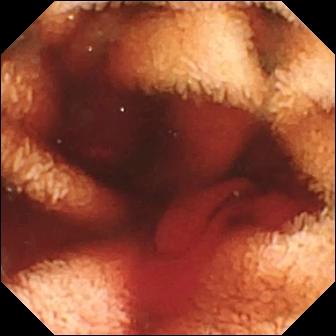- modality: wireless capsule endoscopy
- category: luminal finding
- label: fresh blood in the lumen